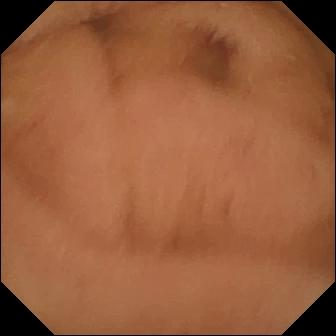Normal clean mucosa.